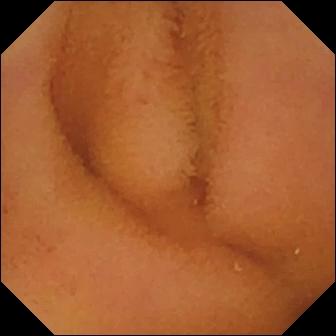Wireless capsule endoscopy. Small bowel. Impression: normal clean mucosa.